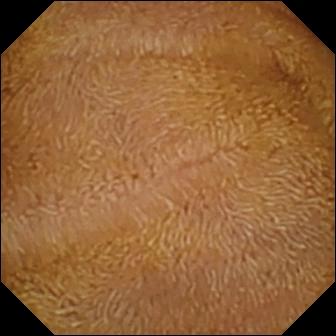Normal clean mucosa — video capsule endoscopy view.